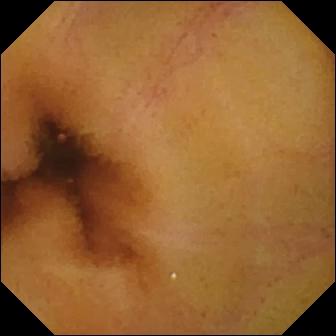Normal clean mucosa — VCE image of the small intestine.